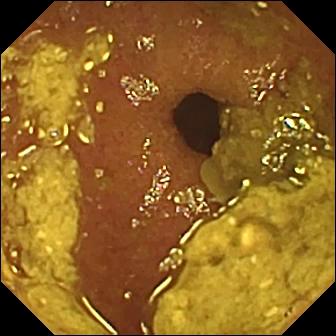{"modality": "capsule endoscopy", "video_segment": "ileo-cecal valve region (the transition from the small bowel to the large bowel)"}